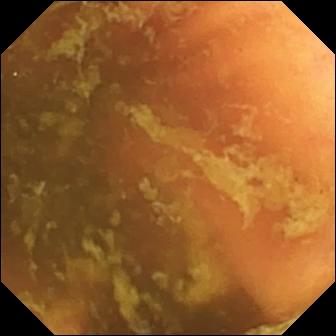modality: capsule endoscopy; category: anatomical landmark; position: ileo-cecal valve region